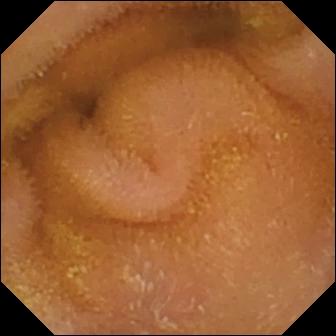Video capsule endoscopy image
Impression: normal clean mucosa